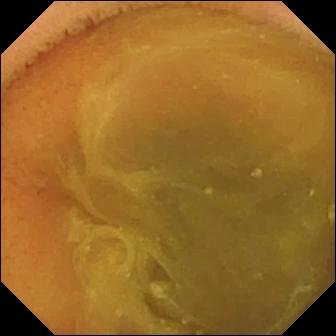Wireless capsule endoscopy. Luminal finding. Observation: normal clean mucosa.